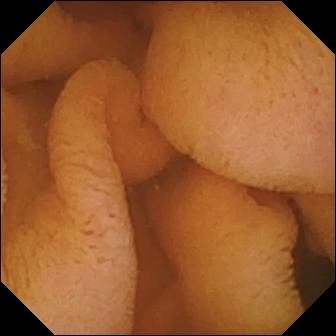Normal clean mucosa.